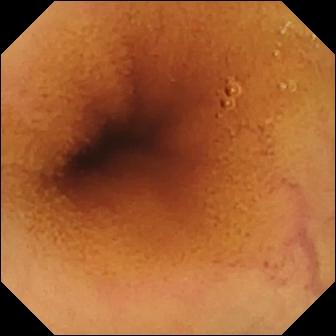WCE still, small bowel
Finding: normal clean mucosa